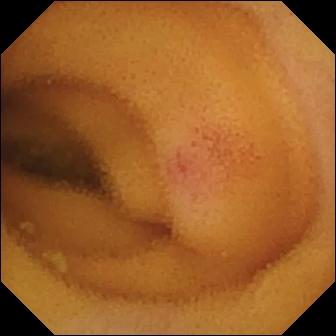Video capsule endoscopy frame
Observation: angiectasia